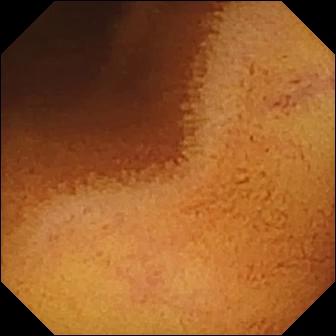Normal clean mucosa — VCE view.